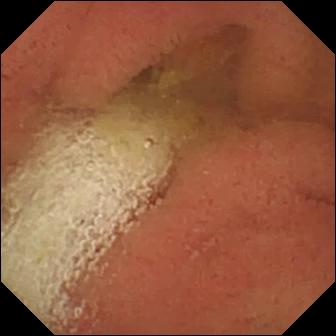{"modality": "capsule endoscopy", "category": "anatomical landmark", "video_segment": "pylorus region (where the capsule passes from the stomach into the small bowel)"}